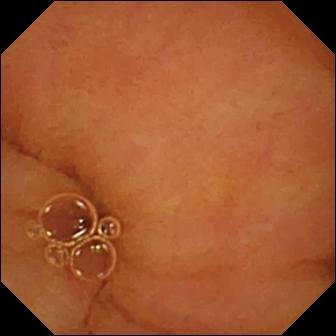Capsule endoscopy image showing normal clean mucosa.